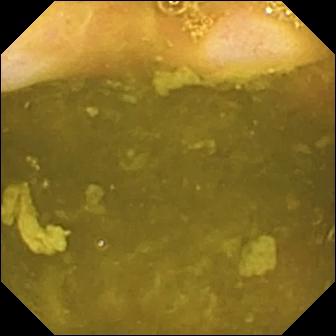modality: wireless capsule endoscopy | label: ileo-cecal valve region (where the capsule passes from the small bowel into the large bowel)